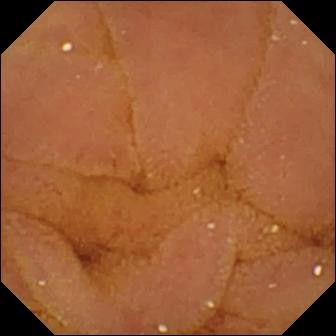Capsule endoscopy view of the small bowel showing normal clean mucosa.